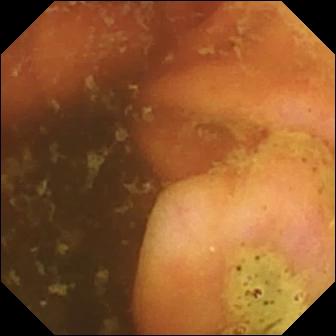modality: small-bowel capsule endoscopy; label: ileo-cecal valve region